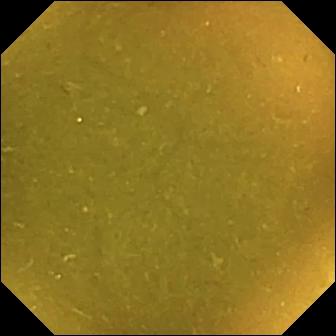Wireless capsule endoscopy view, 336×336. Taken in the ileo-cecal valve region (the transition from the small bowel to the large bowel).